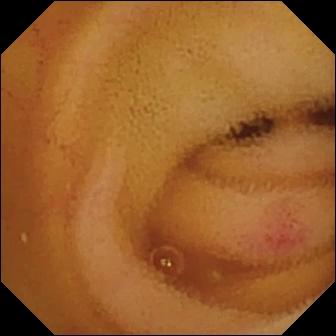PROCEDURE: Capsule endoscopy.
FINDINGS: Angiectasia.